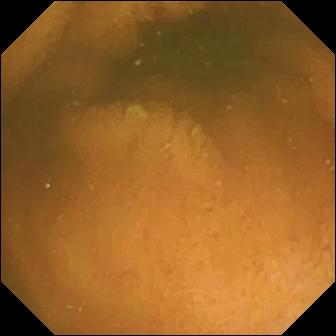- modality: wireless capsule endoscopy
- impression: normal clean mucosa